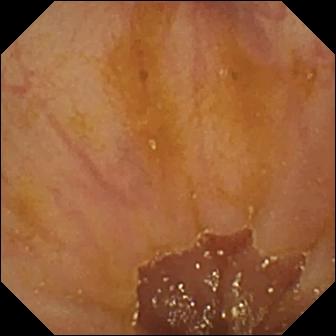This WCE still was taken in the ileo-cecal valve region.